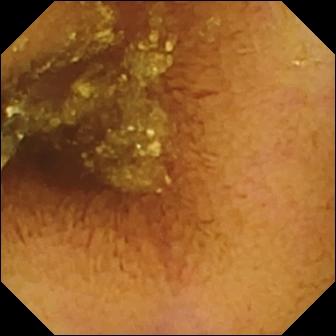modality: VCE; category: luminal finding; impression: normal clean mucosa